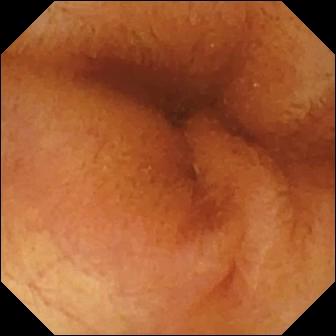Q: What does this small-bowel capsule endoscopy image show?
A: Normal clean mucosa.